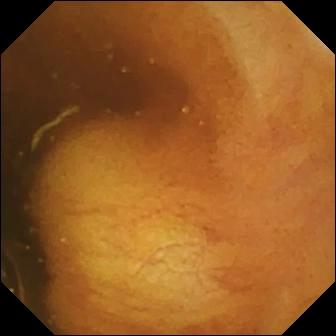PROCEDURE: Video capsule endoscopy.
LOCATION: Ileo-cecal valve region (where the capsule passes from the small bowel into the large bowel).